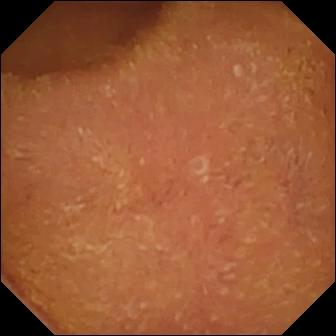VCE. Small intestine. Finding: normal clean mucosa.